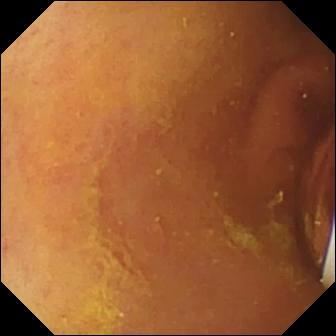This wireless capsule endoscopy snapshot shows foreign body (e.g. retained capsule, tablet residue).